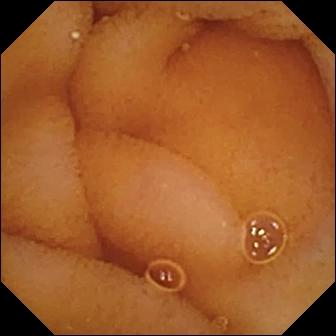VCE — normal clean mucosa.